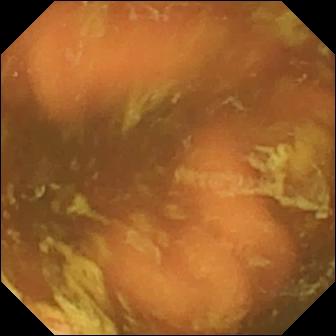{"modality": "VCE", "location": "ileo-cecal valve region"}